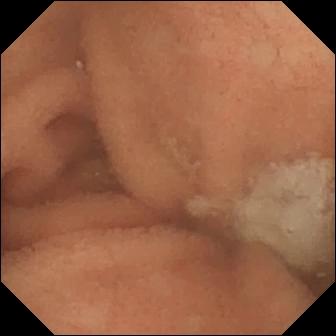WCE view. Normal clean mucosa.